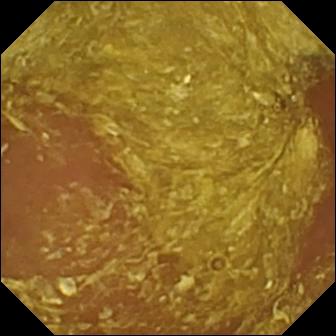Q: What does this small-bowel capsule endoscopy image show?
A: Reduced mucosal view (content or bubbles obscuring the mucosa).